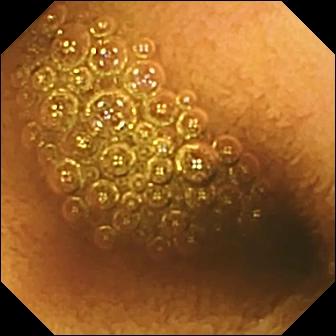{"modality": "WCE", "finding": "reduced mucosal view (content or bubbles obscuring the mucosa)"}